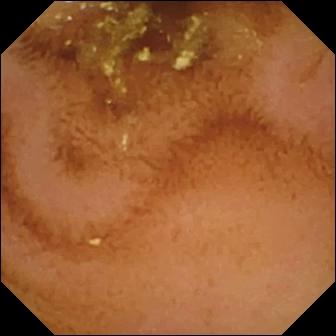WCE. Finding: normal clean mucosa.